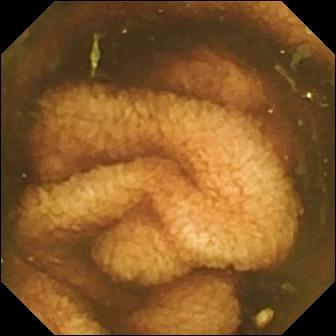VCE — ileo-cecal valve region.